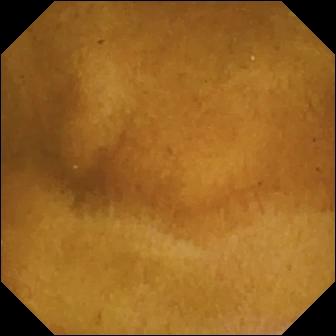Small-bowel capsule endoscopy frame (small bowel). Normal clean mucosa.